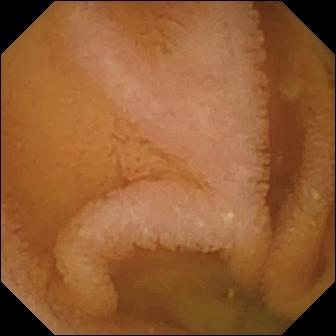This video capsule endoscopy frame shows normal clean mucosa.